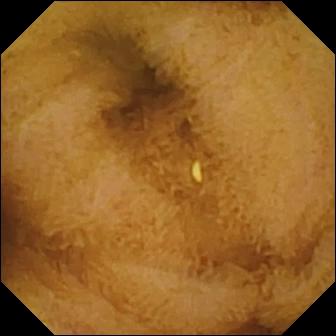Small-bowel capsule endoscopy. Small bowel. Observation: normal clean mucosa.